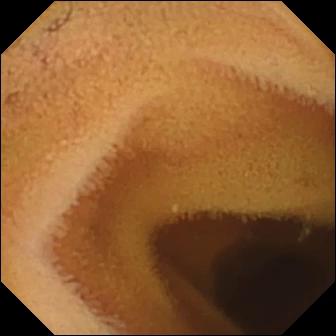This wireless capsule endoscopy frame shows normal clean mucosa.